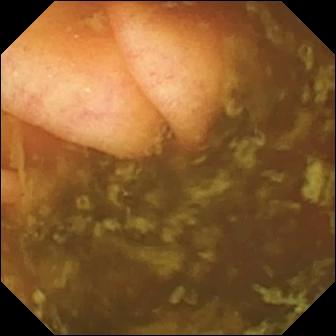This video capsule endoscopy frame was taken in the ileo-cecal valve region (the transition from the small bowel to the large bowel).